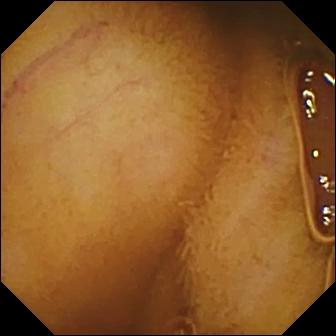Small-bowel capsule endoscopy. Small intestine. Finding: normal clean mucosa.